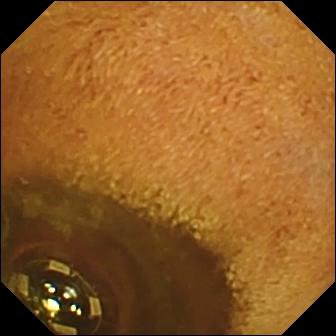Q: What does this small-bowel capsule endoscopy still show?
A: Foreign body (e.g. retained capsule, tablet residue).